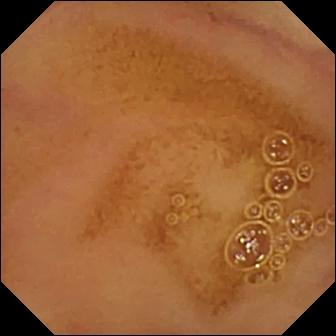VCE. Label: normal clean mucosa.